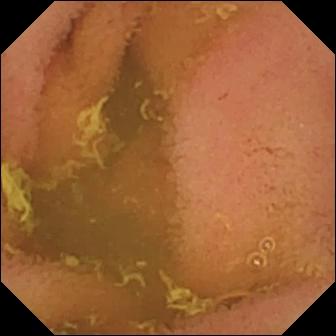Q: What does this capsule endoscopy image of the small intestine show?
A: Normal clean mucosa.